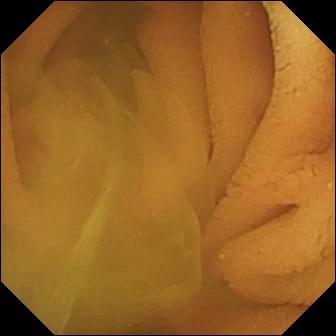Normal clean mucosa — wireless capsule endoscopy frame of the small bowel.